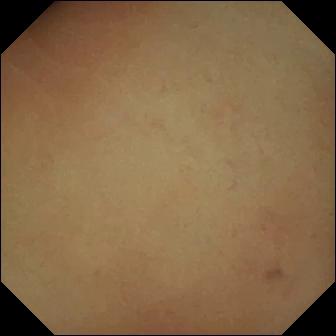PROCEDURE: VCE.
LABEL: Pylorus region.